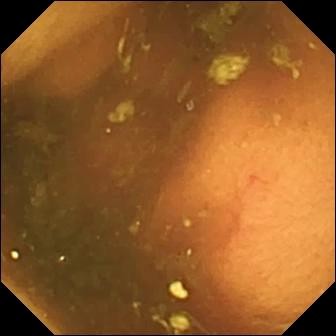Small-bowel capsule endoscopy image. Taken in the ileo-cecal valve region (the transition from the small bowel to the large bowel).